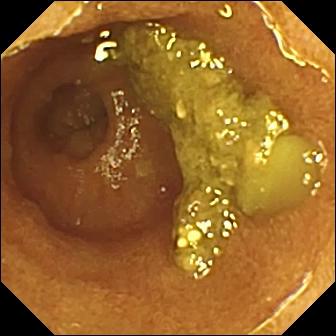This VCE snapshot was taken in the ileo-cecal valve region (where the capsule passes from the small bowel into the large bowel).